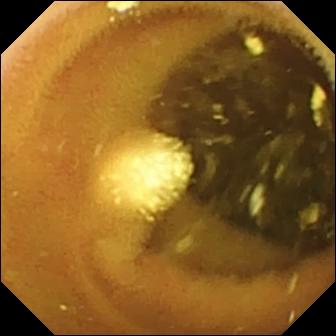modality: video capsule endoscopy
label: lymphangiectasia